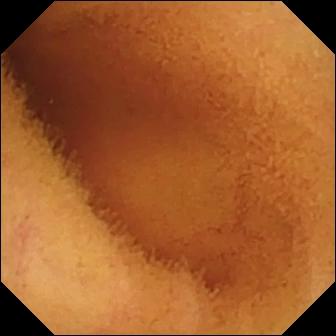Q: What does this capsule endoscopy still of the small bowel show?
A: Normal clean mucosa.